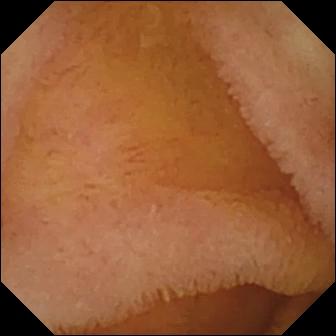Normal clean mucosa — video capsule endoscopy frame of the small intestine.